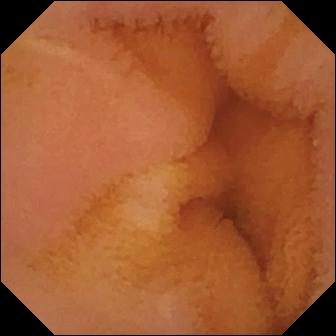VCE view of the small intestine showing normal clean mucosa.